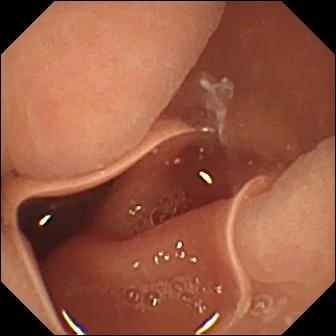Capsule endoscopy image
Label: normal clean mucosa